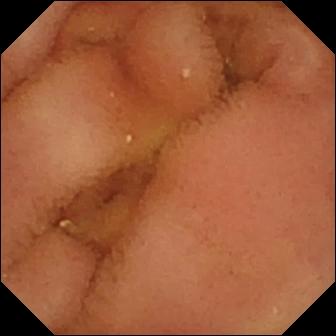VCE snapshot, small intestine
Impression: normal clean mucosa